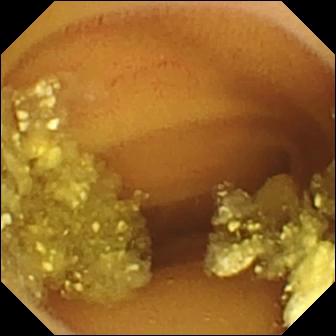{"modality": "VCE", "finding": "lymphangiectasia"}